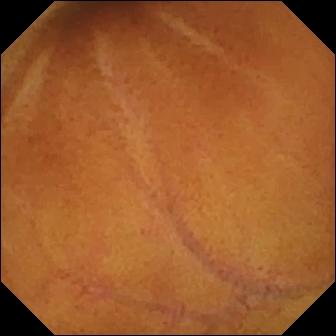modality: VCE; category: luminal finding; finding: normal clean mucosa